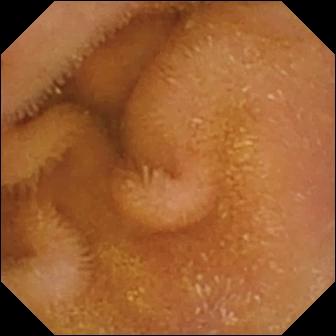modality: wireless capsule endoscopy
segment: small bowel
observation: normal clean mucosa